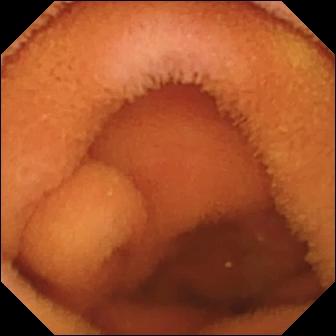Small-bowel capsule endoscopy. Small bowel. Luminal finding. Impression: normal clean mucosa.